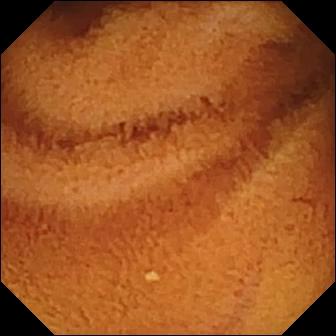Normal clean mucosa — capsule endoscopy view of the small intestine.